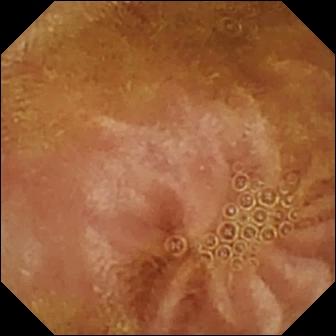This wireless capsule endoscopy frame of the small bowel shows normal clean mucosa.